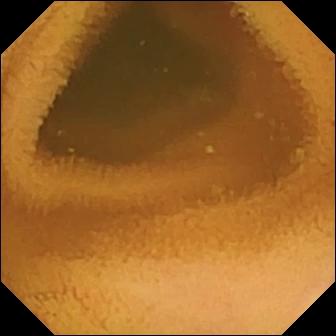Video capsule endoscopy image
Label: normal clean mucosa